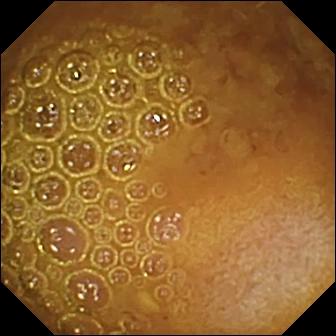Reduced mucosal view (content or bubbles obscuring the mucosa).